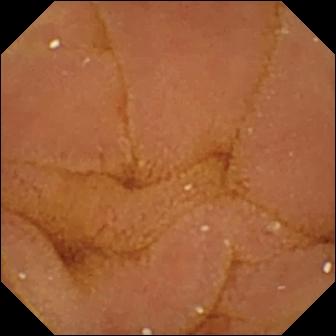PROCEDURE: Wireless capsule endoscopy.
FINDINGS: Normal clean mucosa.